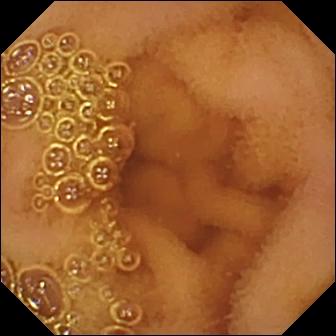Small-bowel capsule endoscopy still showing normal clean mucosa.